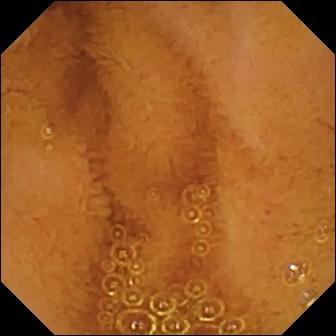This small-bowel capsule endoscopy still of the small intestine shows normal clean mucosa.